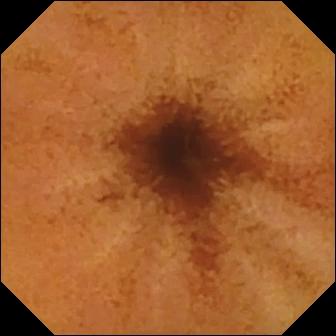- modality: wireless capsule endoscopy
- observation: normal clean mucosa